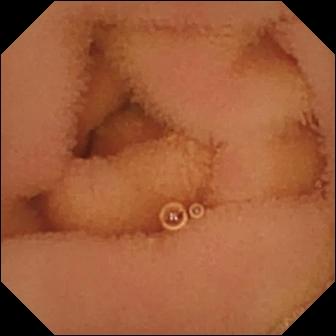Video capsule endoscopy frame (small bowel), 336×336. Normal clean mucosa.